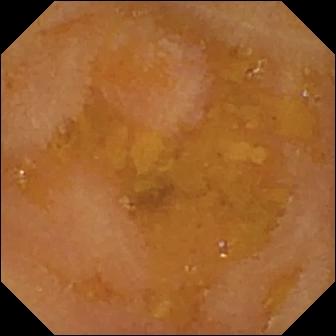WCE — reduced mucosal view (content or bubbles obscuring the mucosa).